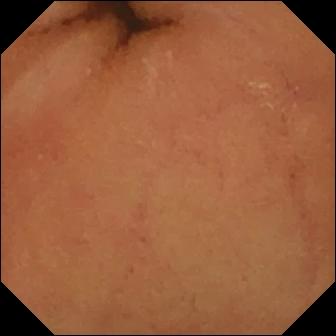Small-bowel capsule endoscopy — normal clean mucosa.